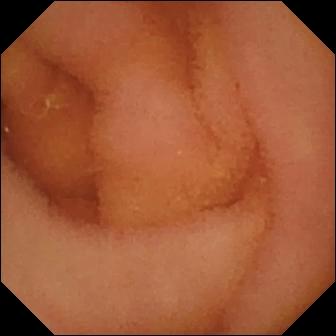modality: WCE | segment: small bowel | finding: normal clean mucosa